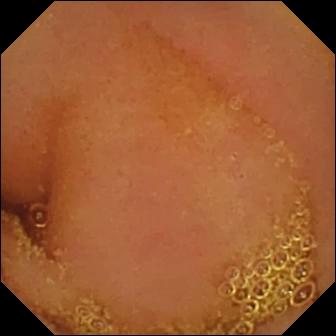modality: small-bowel capsule endoscopy | segment: small intestine | impression: normal clean mucosa